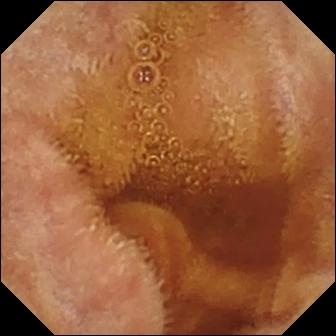Capsule endoscopy still showing normal clean mucosa.